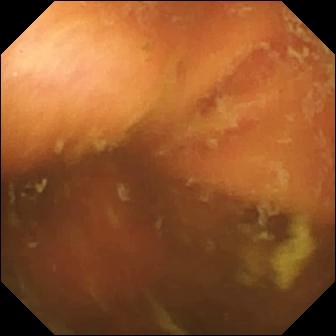modality: WCE
category: anatomical landmark
position: ileo-cecal valve region (the transition from the small bowel to the large bowel)